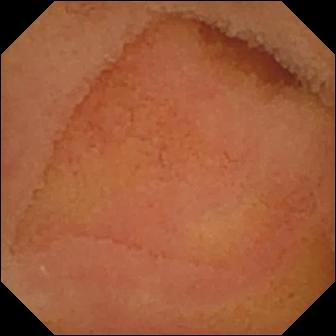Normal clean mucosa — WCE still.